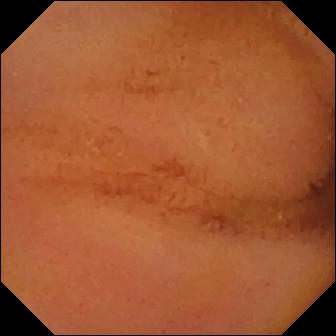Normal clean mucosa.